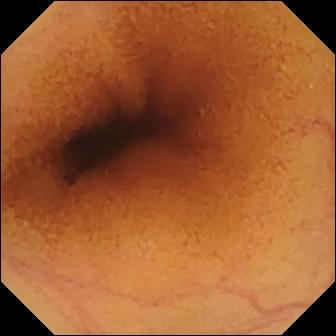{"modality": "capsule endoscopy", "category": "luminal finding", "finding": "normal clean mucosa"}